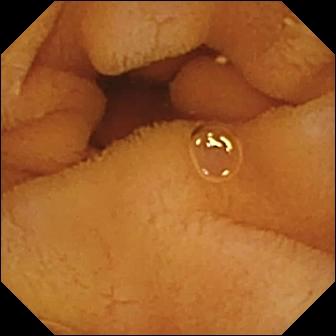WCE — normal clean mucosa.